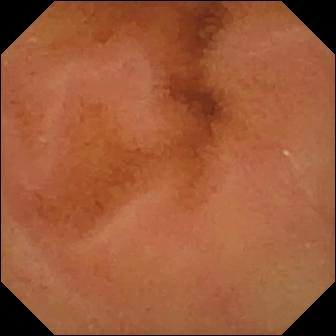Capsule endoscopy view showing normal clean mucosa.